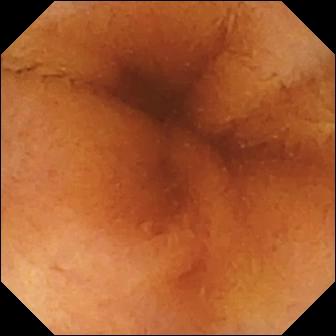PROCEDURE: WCE.
FINDINGS: Normal clean mucosa.